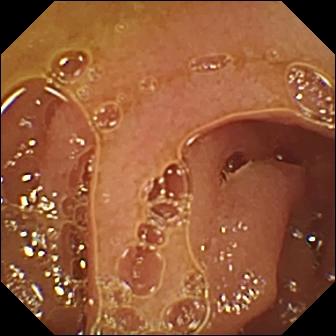Small-bowel capsule endoscopy — normal clean mucosa.